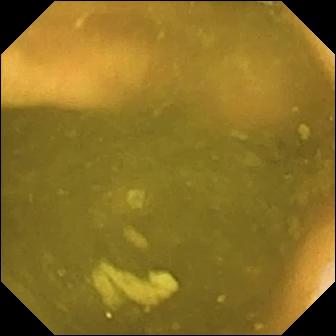Ileo-cecal valve region (the transition from the small bowel to the large bowel) — VCE image.